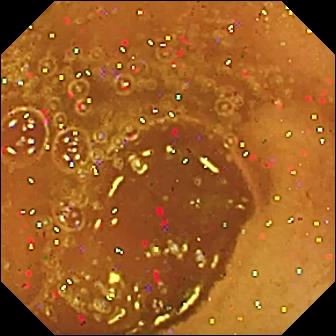{"modality": "wireless capsule endoscopy", "category": "luminal finding", "finding": "normal clean mucosa"}